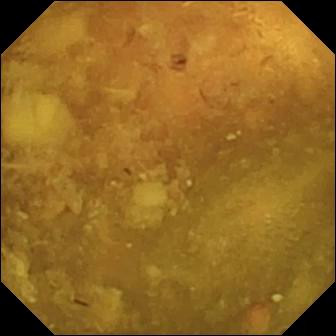PROCEDURE: Small-bowel capsule endoscopy.
SEGMENT: Small bowel.
FINDINGS: Reduced mucosal view (content or bubbles obscuring the mucosa).